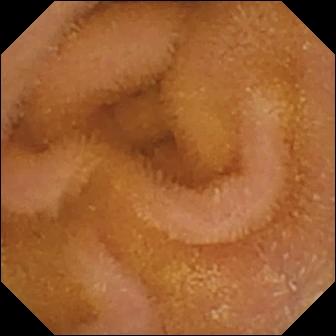Normal clean mucosa — capsule endoscopy frame.